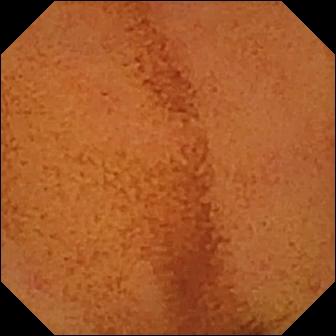modality: wireless capsule endoscopy | segment: small intestine | impression: normal clean mucosa